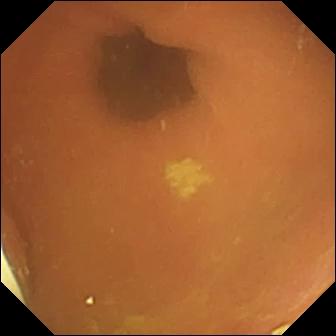Foreign body (e.g. retained capsule, tablet residue).